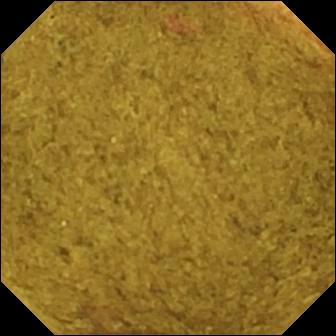This wireless capsule endoscopy view was taken in the ileo-cecal valve region (where the capsule passes from the small bowel into the large bowel).